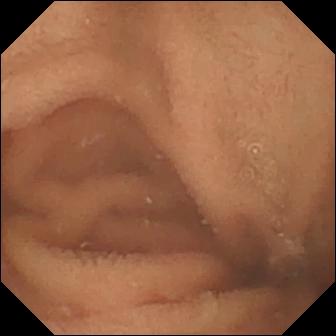Wireless capsule endoscopy snapshot showing normal clean mucosa.